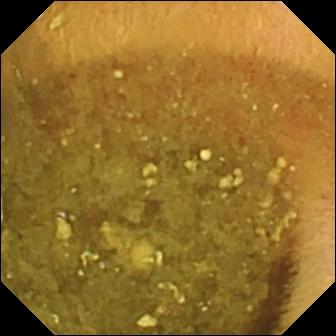PROCEDURE: Small-bowel capsule endoscopy.
SEGMENT: Small bowel.
FINDINGS: Reduced mucosal view (content or bubbles obscuring the mucosa).